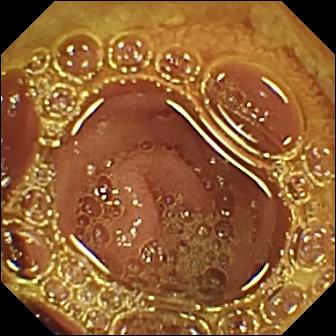Normal clean mucosa.